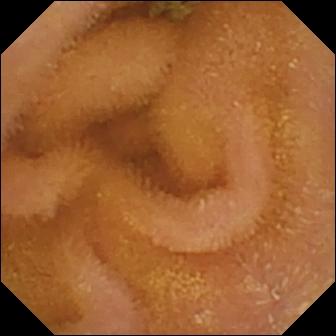Normal clean mucosa — capsule endoscopy view of the small intestine.